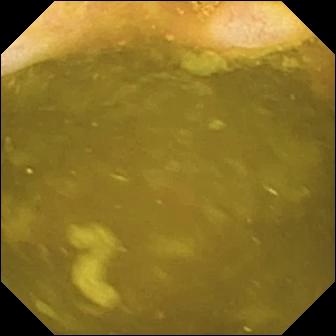PROCEDURE: Wireless capsule endoscopy.
VIDEO SEGMENT: Ileo-cecal valve region (where the capsule passes from the small bowel into the large bowel).